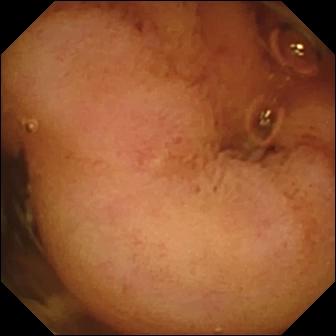Video capsule endoscopy. Luminal finding. Impression: polyp.